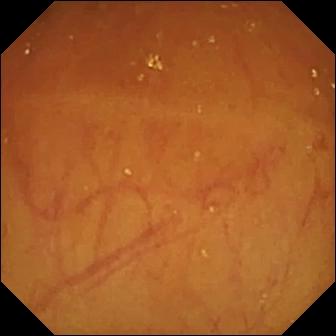This capsule endoscopy still was taken in the ileo-cecal valve region (the transition from the small bowel to the large bowel).